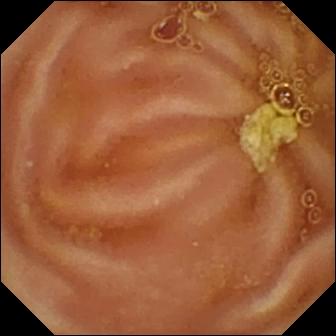PROCEDURE: Video capsule endoscopy.
FINDINGS: Normal clean mucosa.